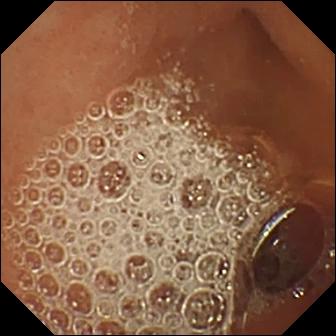- modality: small-bowel capsule endoscopy
- finding: normal clean mucosa